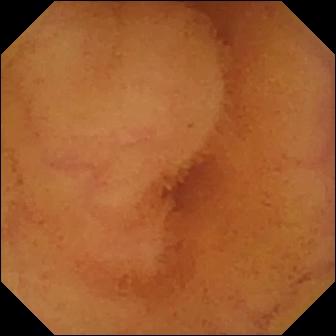WCE frame
Impression: normal clean mucosa